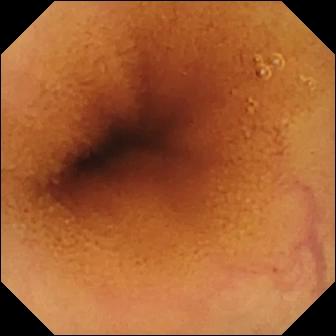Capsule endoscopy — normal clean mucosa.